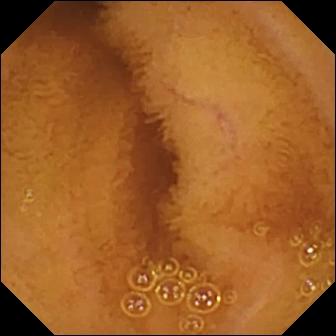Normal clean mucosa.